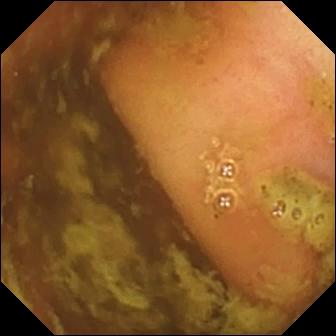Ileo-cecal valve region — small-bowel capsule endoscopy snapshot.